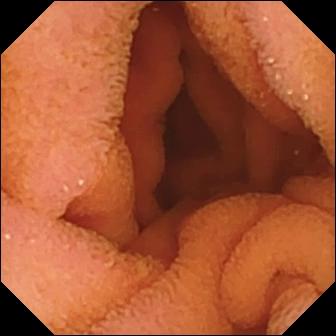Normal clean mucosa (336×336).